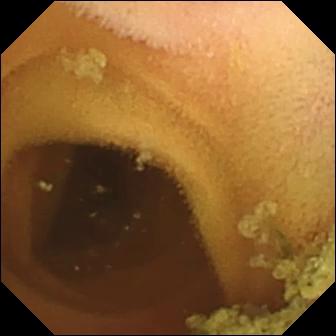{"modality": "WCE", "finding": "normal clean mucosa"}